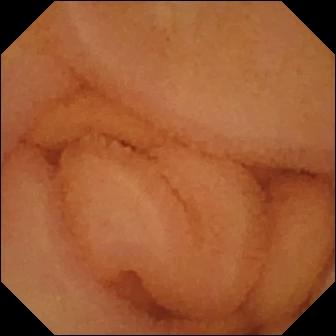VCE — normal clean mucosa.